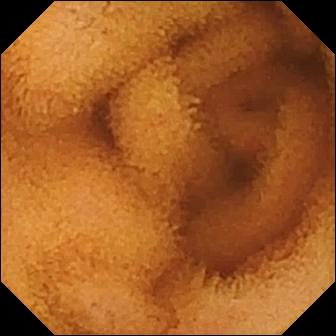Q: What does this VCE view show?
A: Normal clean mucosa.